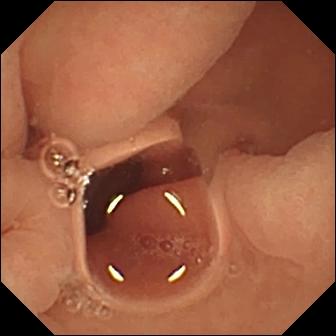- modality: small-bowel capsule endoscopy
- observation: normal clean mucosa